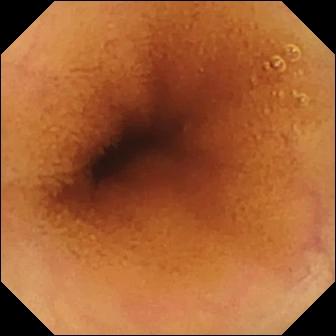Normal clean mucosa — VCE snapshot.